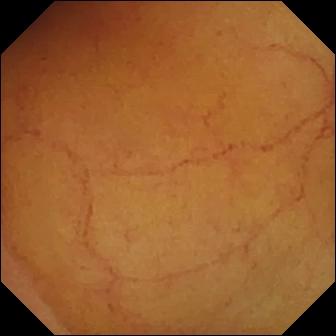modality: small-bowel capsule endoscopy
finding: normal clean mucosa